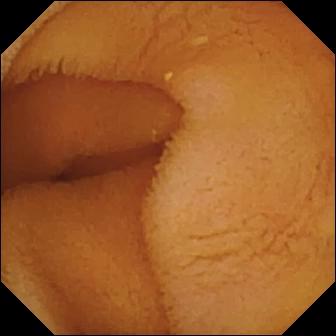WCE. Small bowel. Observation: normal clean mucosa.